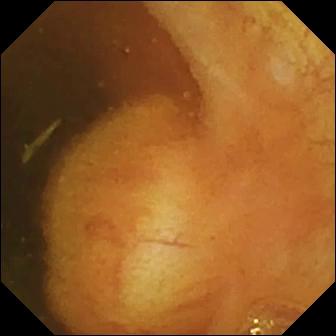This wireless capsule endoscopy frame was taken in the ileo-cecal valve region.